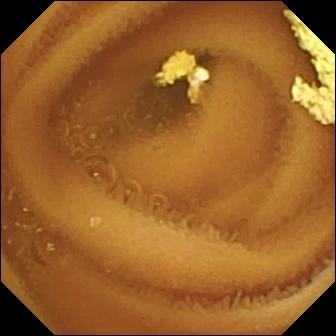Video capsule endoscopy. Small intestine. Label: normal clean mucosa.